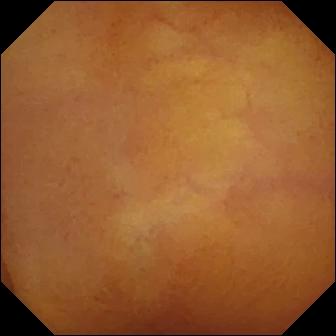VCE view showing normal clean mucosa.